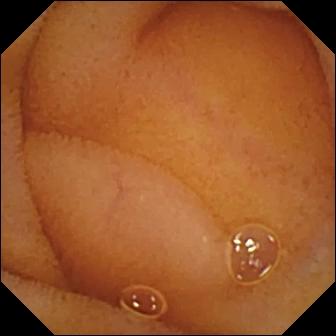- modality: capsule endoscopy
- segment: small intestine
- observation: normal clean mucosa